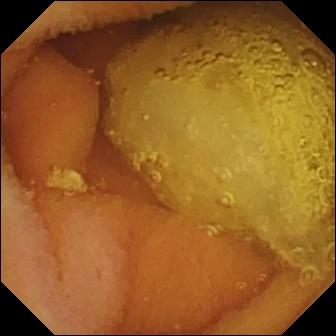modality: WCE | segment: small bowel | observation: normal clean mucosa